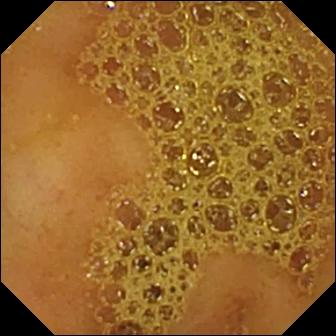WCE view, 336×336. Taken in the ileo-cecal valve region.